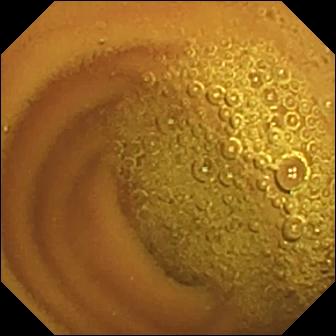- modality: small-bowel capsule endoscopy
- segment: small bowel
- impression: normal clean mucosa